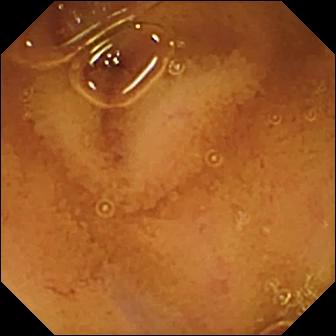PROCEDURE: Small-bowel capsule endoscopy.
SEGMENT: Small intestine.
FINDINGS: Normal clean mucosa.